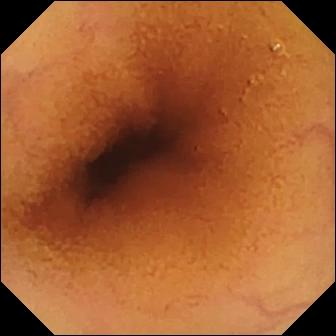Q: What does this small-bowel capsule endoscopy frame show?
A: Normal clean mucosa.